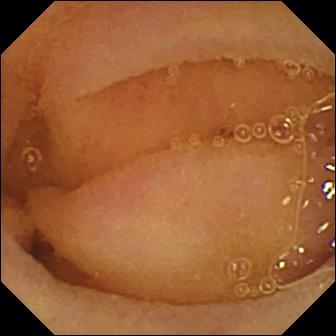modality: video capsule endoscopy; finding: normal clean mucosa